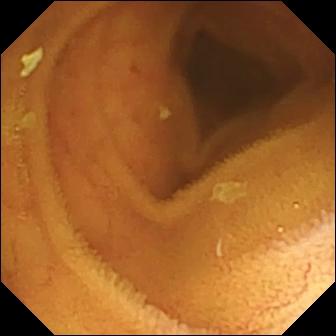VCE. Small bowel. Finding: normal clean mucosa.